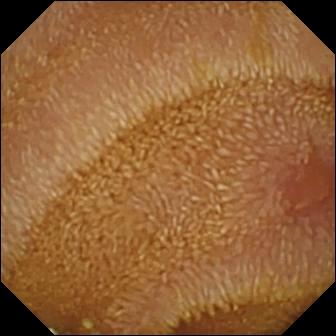Erosion — wireless capsule endoscopy still.